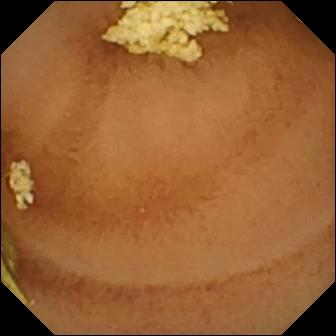WCE — normal clean mucosa.